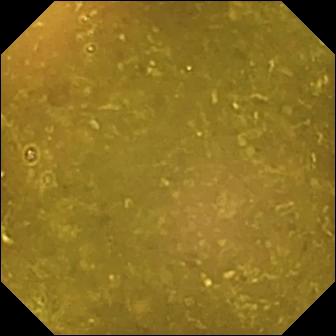Capsule endoscopy still
Impression: reduced mucosal view (content or bubbles obscuring the mucosa)